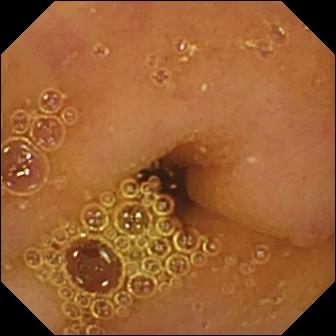This small-bowel capsule endoscopy snapshot of the small intestine shows normal clean mucosa.